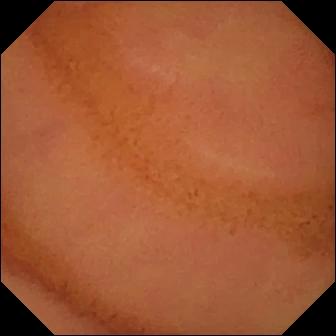Normal clean mucosa (336×336).